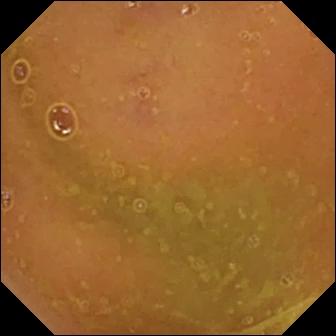This WCE snapshot shows normal clean mucosa.